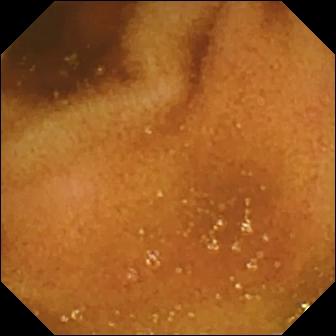Normal clean mucosa.